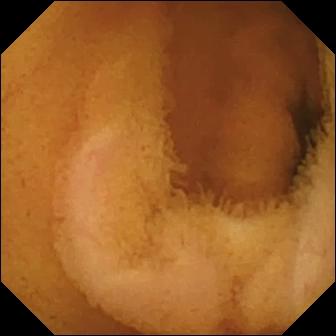Normal clean mucosa — video capsule endoscopy view.